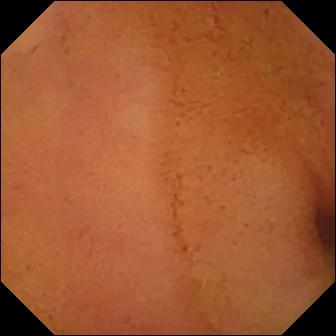Q: What does this VCE snapshot of the small bowel show?
A: Normal clean mucosa.